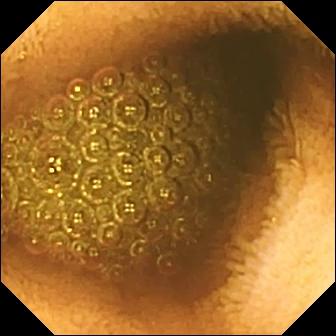Wireless capsule endoscopy still showing reduced mucosal view (content or bubbles obscuring the mucosa).